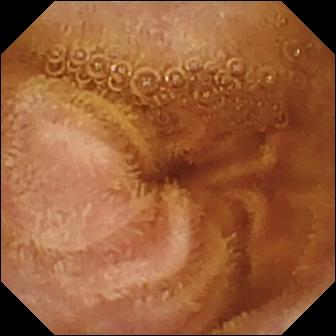Small-bowel capsule endoscopy view of the small bowel showing normal clean mucosa.